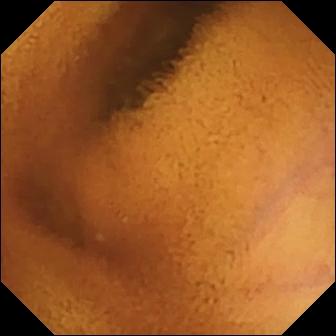Wireless capsule endoscopy snapshot of the small bowel showing normal clean mucosa.